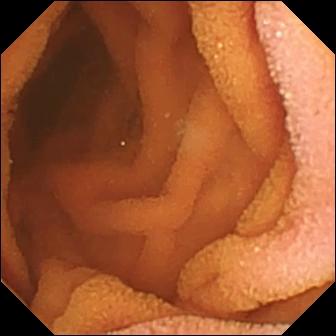PROCEDURE: WCE.
FINDINGS: Normal clean mucosa.